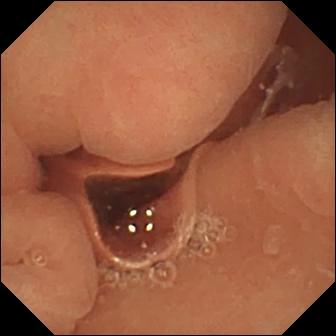modality: wireless capsule endoscopy | observation: normal clean mucosa